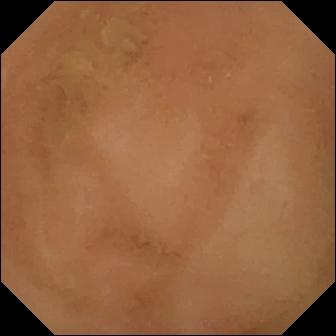Wireless capsule endoscopy. Impression: normal clean mucosa.